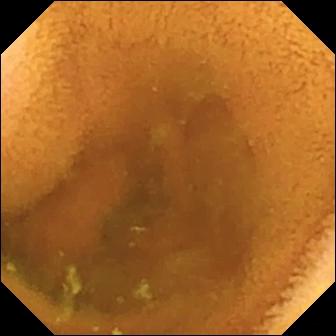Normal clean mucosa.